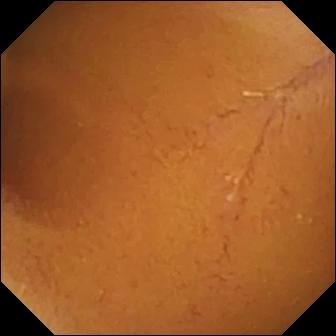WCE snapshot (small bowel). Normal clean mucosa.